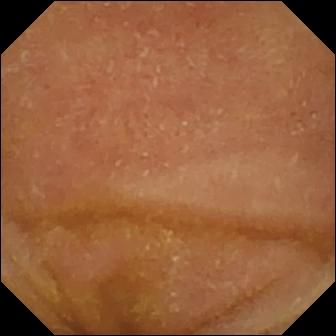PROCEDURE: VCE.
SEGMENT: Small bowel.
FINDINGS: Normal clean mucosa.